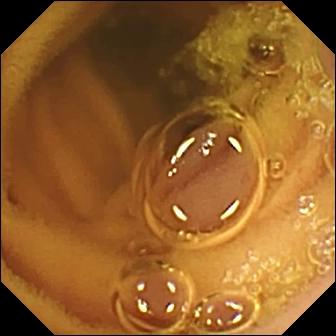Q: What does this wireless capsule endoscopy snapshot of the small bowel show?
A: Normal clean mucosa.